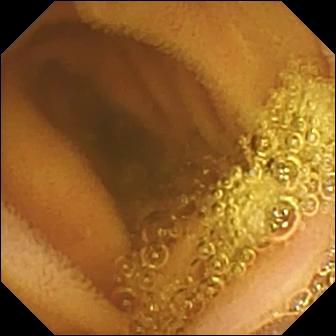Small-bowel capsule endoscopy. Luminal finding. Finding: normal clean mucosa.